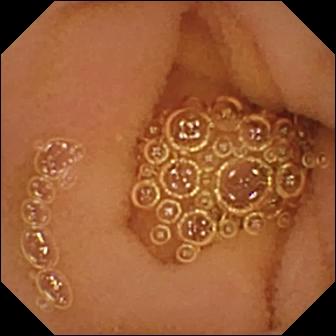Q: What does this VCE image of the small intestine show?
A: Normal clean mucosa.